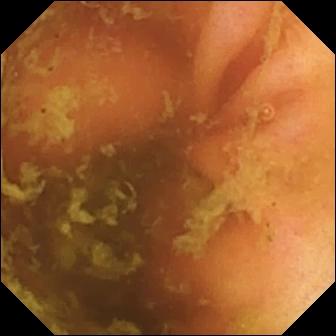modality: VCE; position: ileo-cecal valve region (the transition from the small bowel to the large bowel)